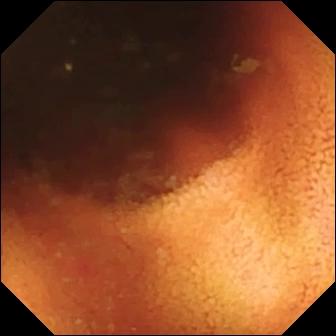PROCEDURE: Capsule endoscopy.
LABEL: Ileo-cecal valve region (where the capsule passes from the small bowel into the large bowel).